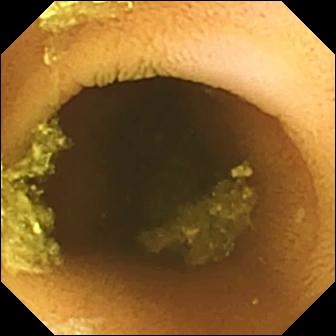Video capsule endoscopy frame. Normal clean mucosa.